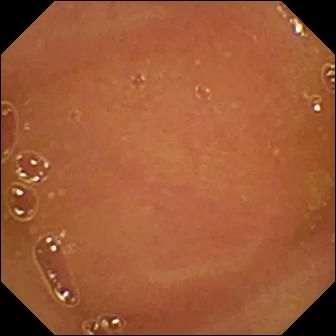Normal clean mucosa.